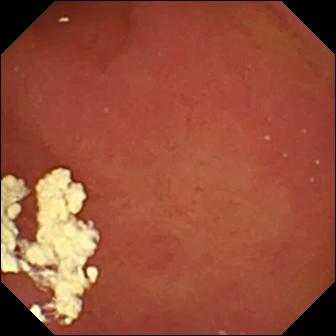{"modality": "wireless capsule endoscopy", "category": "anatomical landmark", "position": "pylorus region (the junction between the stomach and the small bowel)"}